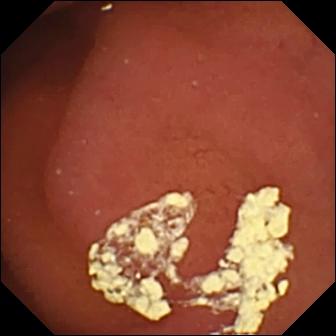Video capsule endoscopy image
Video segment: pylorus region (the junction between the stomach and the small bowel)